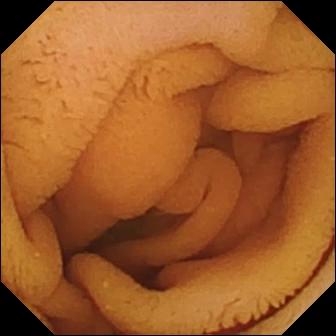Wireless capsule endoscopy frame
Finding: normal clean mucosa